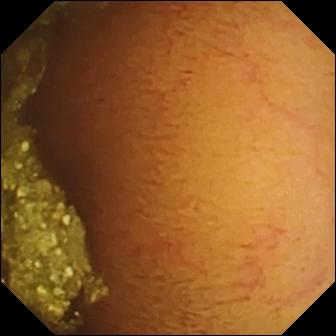Normal clean mucosa — VCE still of the small intestine.